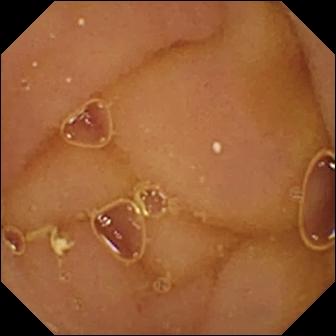Capsule endoscopy — normal clean mucosa.